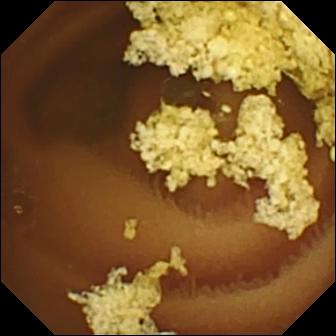Video capsule endoscopy. Label: normal clean mucosa.